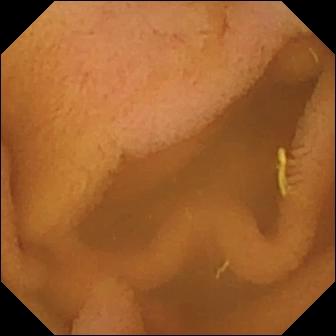This WCE still of the small intestine shows normal clean mucosa.